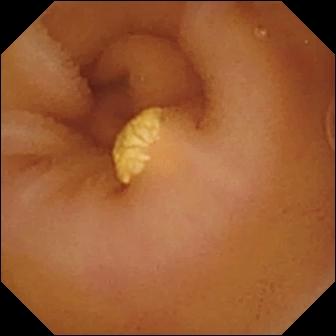Lymphangiectasia.